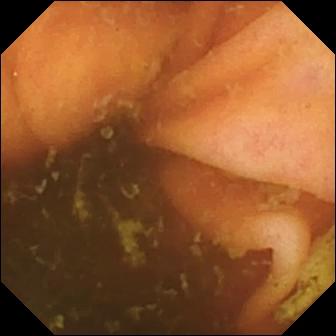Ileo-cecal valve region (the transition from the small bowel to the large bowel) — WCE image.